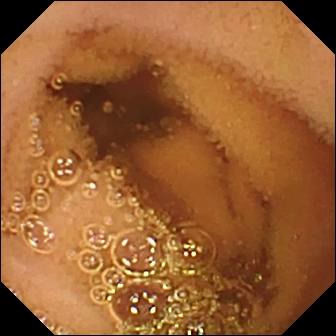Video capsule endoscopy frame showing normal clean mucosa.